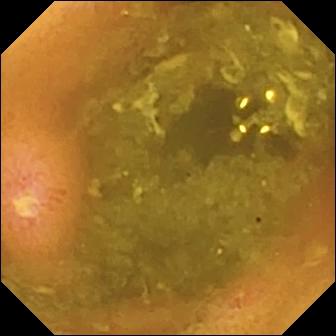- modality: small-bowel capsule endoscopy
- finding: ulcer